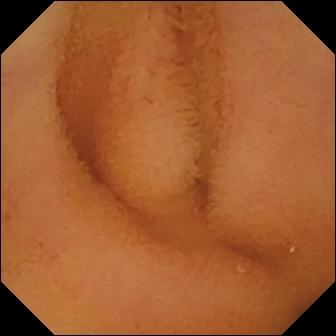Q: What does this capsule endoscopy image show?
A: Normal clean mucosa.